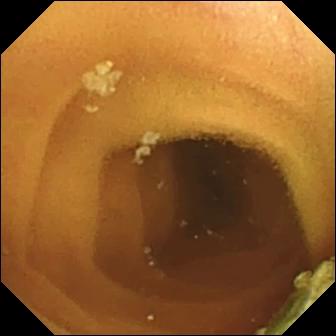PROCEDURE: Video capsule endoscopy.
FINDINGS: Normal clean mucosa.